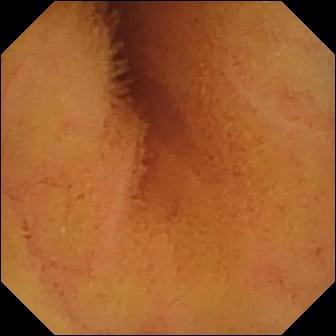Normal clean mucosa — small-bowel capsule endoscopy still.